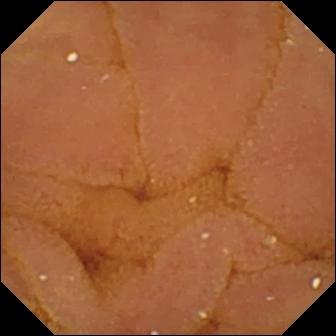- modality: capsule endoscopy
- segment: small bowel
- category: luminal finding
- observation: normal clean mucosa